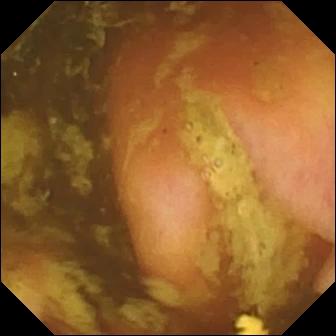Wireless capsule endoscopy snapshot, 336×336. Taken in the ileo-cecal valve region.